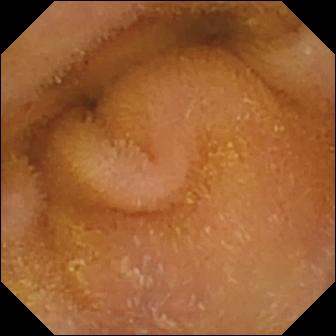Wireless capsule endoscopy — normal clean mucosa.